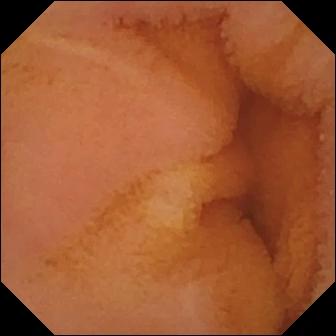Normal clean mucosa — wireless capsule endoscopy image.